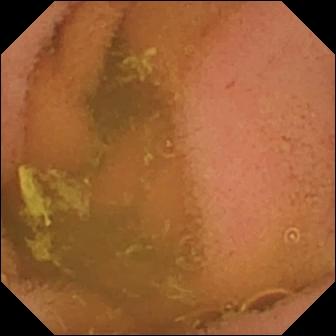- modality: VCE
- impression: normal clean mucosa